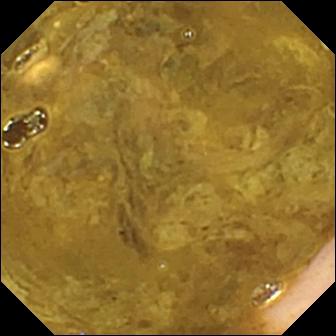Video capsule endoscopy. Location: ileo-cecal valve region (where the capsule passes from the small bowel into the large bowel).